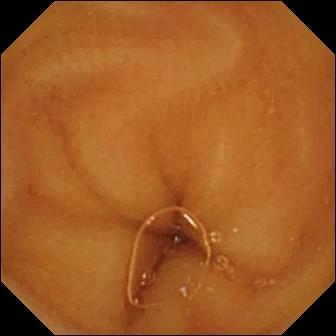PROCEDURE: VCE.
FINDINGS: Normal clean mucosa.